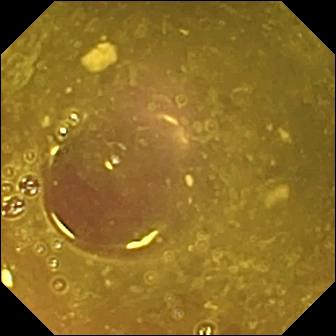Reduced mucosal view (content or bubbles obscuring the mucosa).